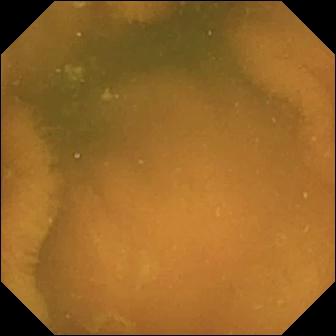Wireless capsule endoscopy still (small bowel), 336×336. Normal clean mucosa.